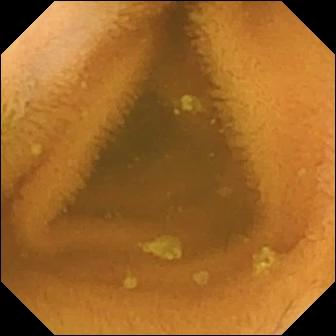Normal clean mucosa — capsule endoscopy view.